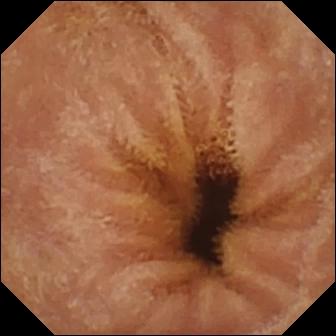modality: VCE | segment: small bowel | category: luminal finding | impression: normal clean mucosa